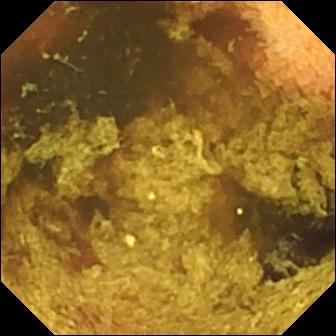Video capsule endoscopy image (small bowel). Normal clean mucosa.